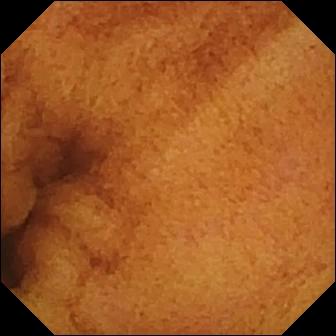This WCE image shows normal clean mucosa.